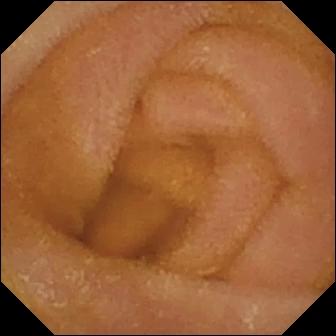PROCEDURE: Wireless capsule endoscopy.
SEGMENT: Small bowel.
FINDINGS: Normal clean mucosa.